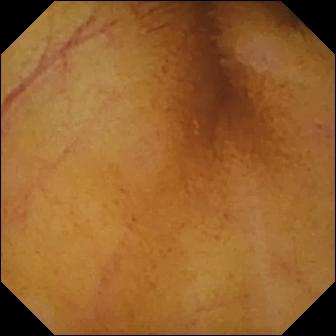WCE frame of the small bowel showing normal clean mucosa.